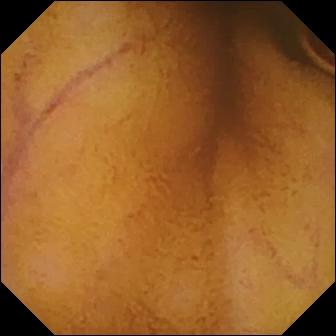VCE. Small intestine. Impression: normal clean mucosa.